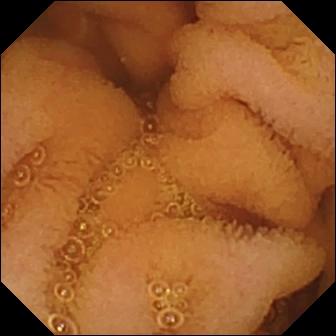{"modality": "WCE", "segment": "small intestine", "finding": "normal clean mucosa"}